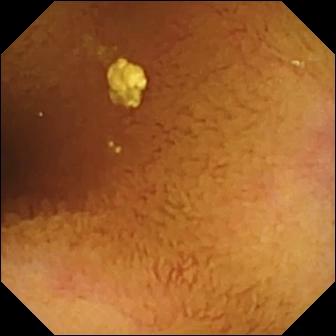PROCEDURE: Small-bowel capsule endoscopy.
SEGMENT: Small bowel.
FINDINGS: Normal clean mucosa.